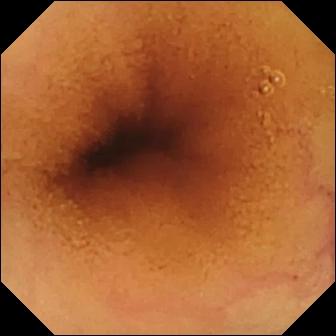{"modality": "wireless capsule endoscopy", "category": "luminal finding", "finding": "normal clean mucosa"}